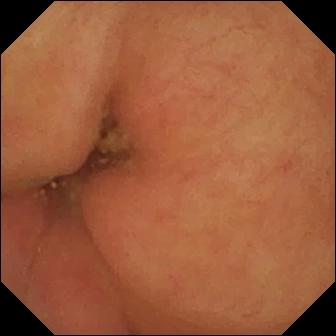Wireless capsule endoscopy still taken in the pylorus region (the junction between the stomach and the small bowel).